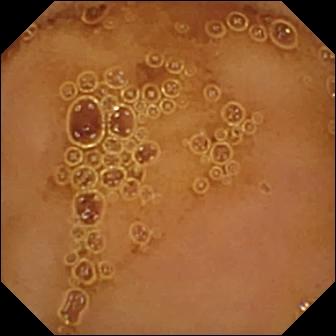WCE. Finding: normal clean mucosa.